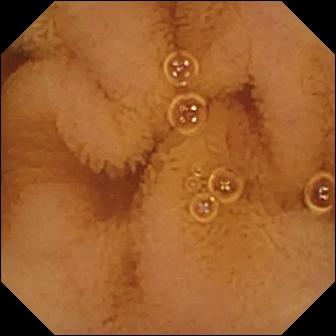{"modality": "video capsule endoscopy", "finding": "normal clean mucosa"}